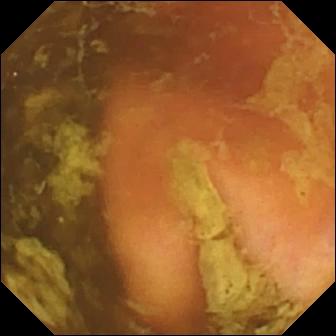{"modality": "wireless capsule endoscopy", "category": "anatomical landmark", "location": "ileo-cecal valve region (where the capsule passes from the small bowel into the large bowel)"}